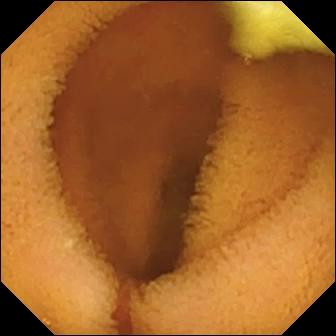VCE image of the small bowel showing normal clean mucosa.